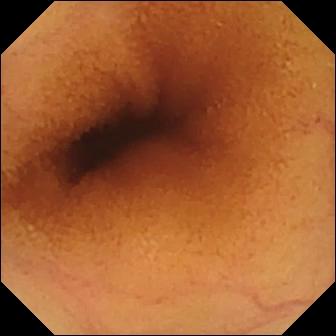modality: WCE
segment: small bowel
impression: normal clean mucosa